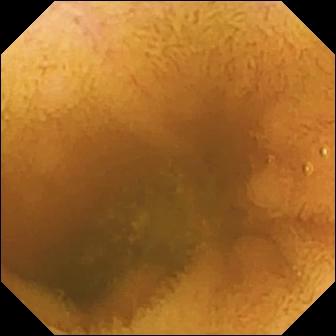- modality: wireless capsule endoscopy
- segment: small bowel
- label: normal clean mucosa